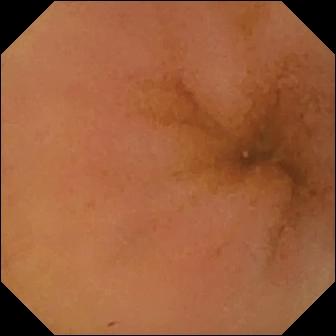Wireless capsule endoscopy. Observation: normal clean mucosa.